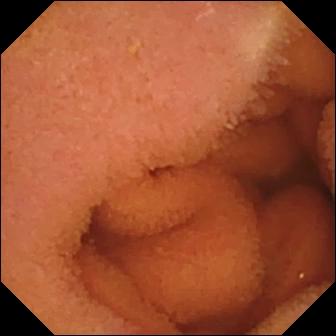- modality: WCE
- segment: small intestine
- label: normal clean mucosa